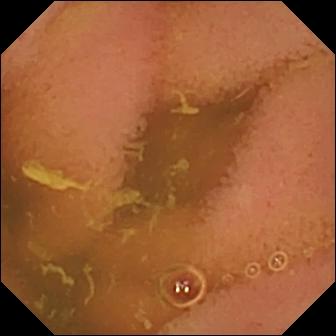modality: WCE | segment: small bowel | finding: normal clean mucosa